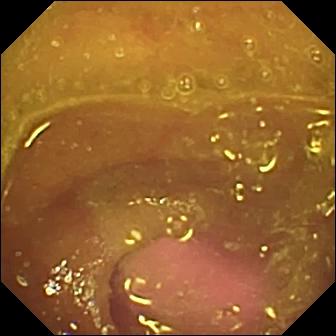VCE view. Reduced mucosal view (content or bubbles obscuring the mucosa).